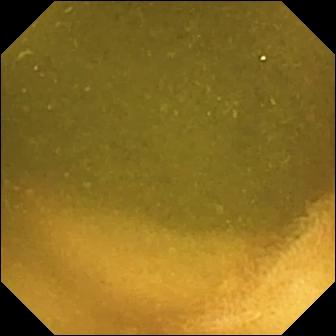This wireless capsule endoscopy still was taken in the ileo-cecal valve region.